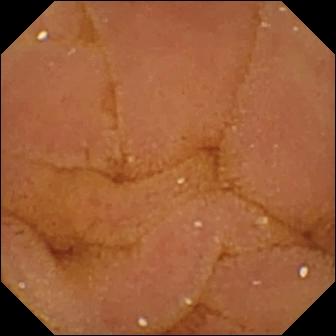PROCEDURE: Wireless capsule endoscopy.
SEGMENT: Small bowel.
FINDINGS: Normal clean mucosa.